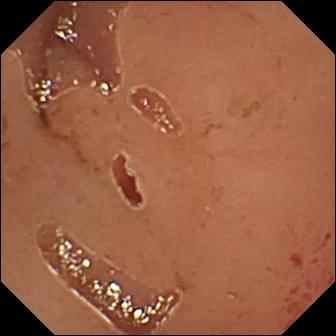Small-bowel capsule endoscopy. Label: erosion.